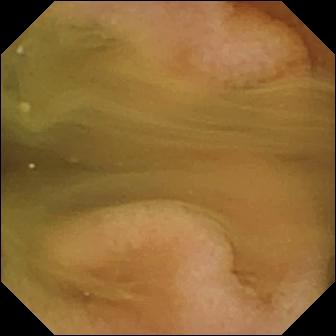VCE image. Normal clean mucosa.